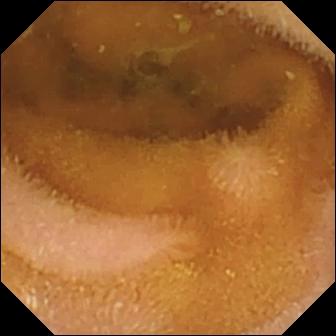VCE still
Finding: normal clean mucosa